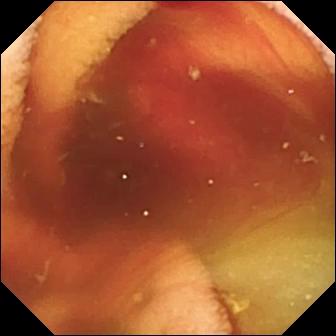modality: video capsule endoscopy; label: fresh blood in the lumen